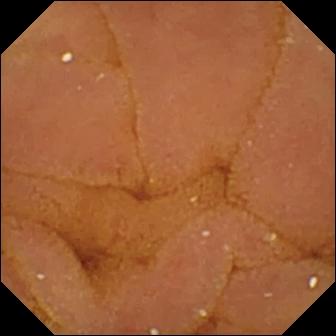Normal clean mucosa — VCE frame of the small intestine.